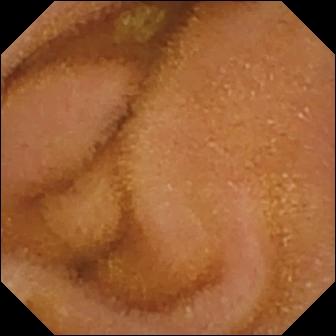Normal clean mucosa — video capsule endoscopy view of the small bowel.